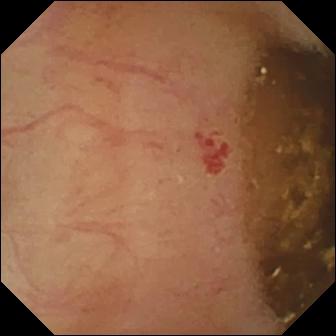Angiectasia — VCE still.